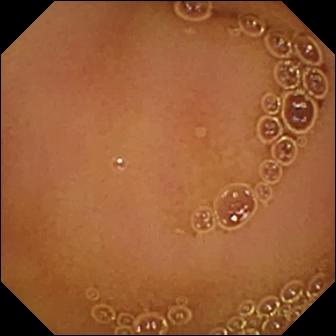Normal clean mucosa.